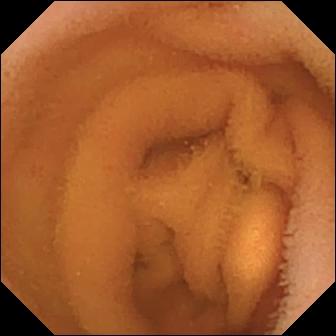Normal clean mucosa — video capsule endoscopy still of the small bowel.